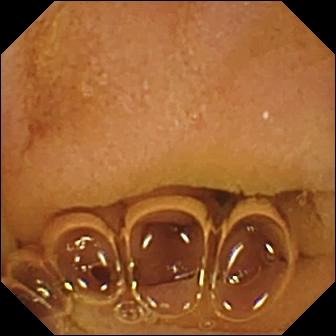This VCE image of the small bowel shows normal clean mucosa.